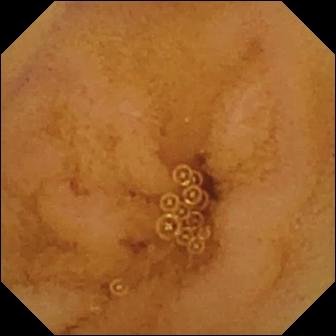Normal clean mucosa — WCE image of the small bowel.